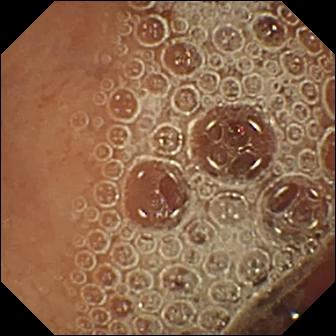Normal clean mucosa — VCE snapshot.